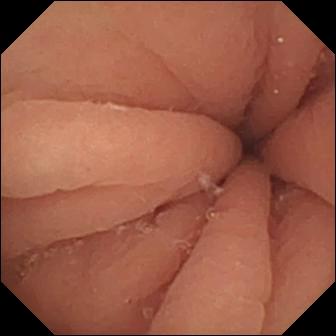Small-bowel capsule endoscopy. Label: pylorus region (the junction between the stomach and the small bowel).